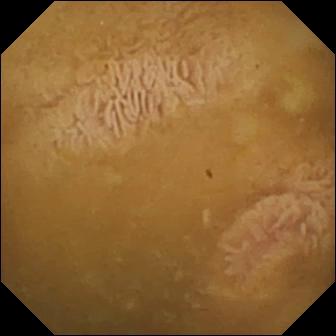PROCEDURE: Capsule endoscopy.
POSITION: Ileo-cecal valve region.